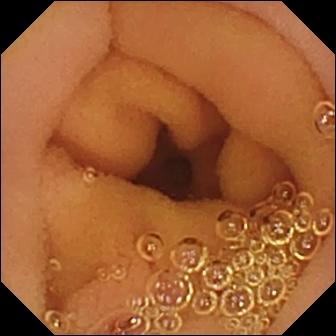Wireless capsule endoscopy view, small intestine
Impression: normal clean mucosa